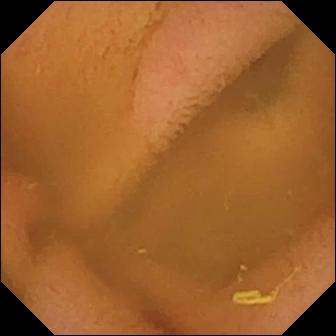PROCEDURE: Video capsule endoscopy.
SEGMENT: Small intestine.
FINDINGS: Normal clean mucosa.